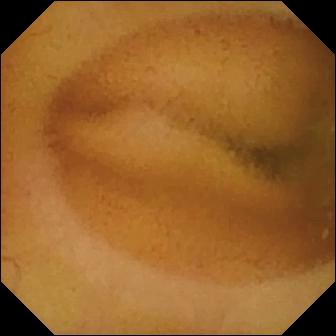Video capsule endoscopy snapshot
Observation: normal clean mucosa